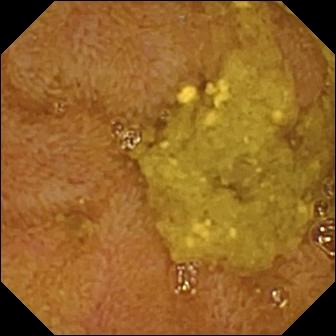- modality: video capsule endoscopy
- category: anatomical landmark
- video segment: ileo-cecal valve region